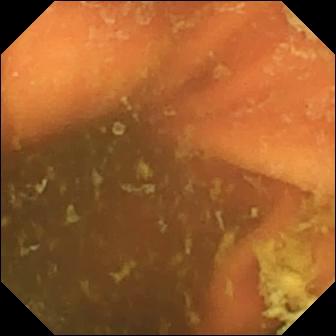Ileo-cecal valve region.